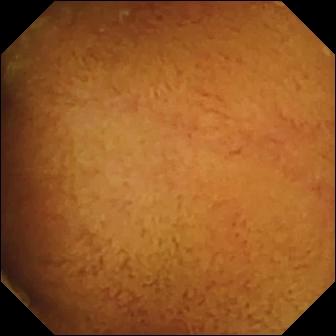{"modality": "small-bowel capsule endoscopy", "finding": "normal clean mucosa"}